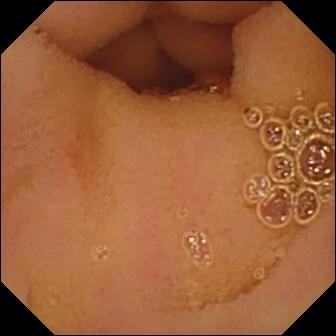VCE — normal clean mucosa.